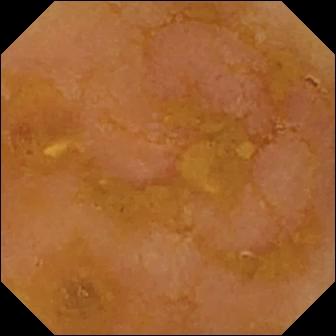PROCEDURE: Capsule endoscopy.
FINDINGS: Reduced mucosal view (content or bubbles obscuring the mucosa).